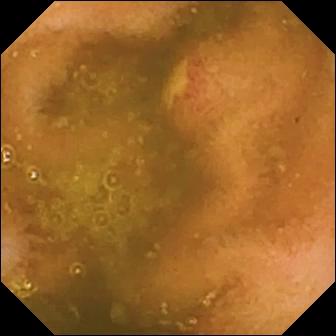Ulcer — VCE frame.